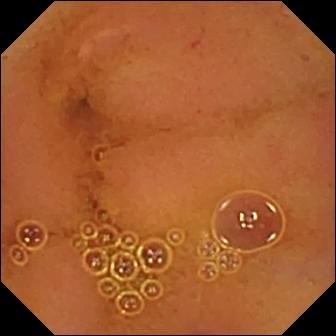Wireless capsule endoscopy frame of the small bowel showing normal clean mucosa.